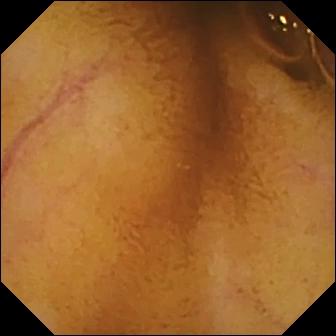Normal clean mucosa — VCE frame of the small bowel.